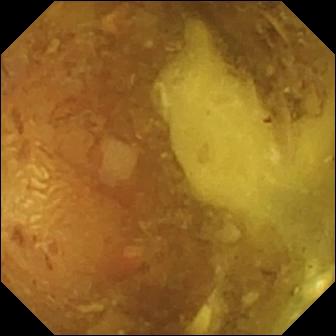Capsule endoscopy snapshot. Reduced mucosal view (content or bubbles obscuring the mucosa).